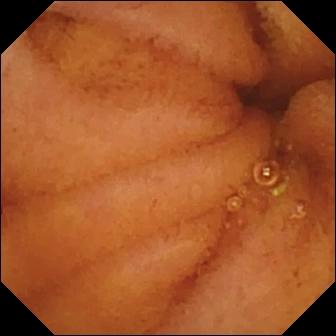Capsule endoscopy — normal clean mucosa.